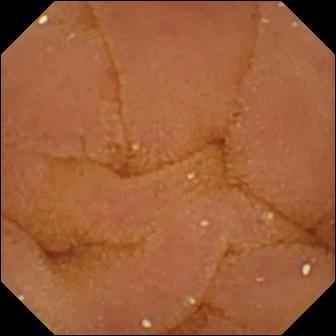- modality: capsule endoscopy
- category: luminal finding
- finding: normal clean mucosa